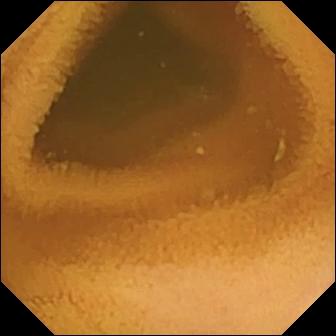Q: What does this small-bowel capsule endoscopy view show?
A: Normal clean mucosa.